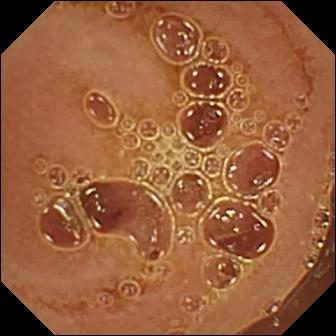Video capsule endoscopy image showing normal clean mucosa.